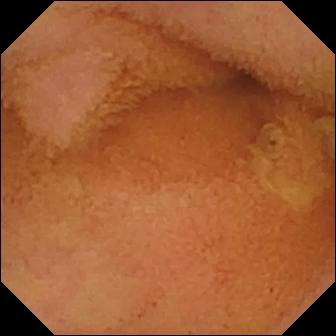modality: VCE
observation: normal clean mucosa